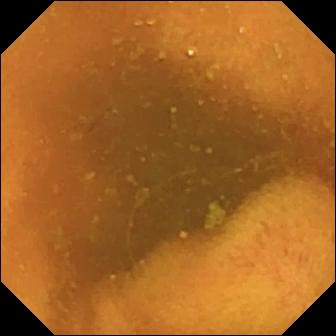{"modality": "WCE", "category": "luminal finding", "finding": "normal clean mucosa"}